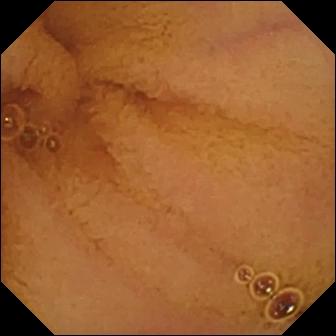- modality: small-bowel capsule endoscopy
- finding: normal clean mucosa